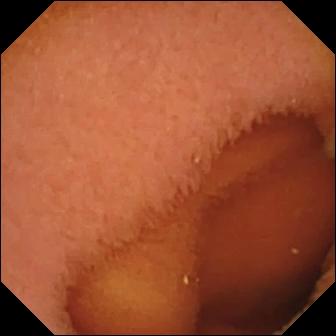Normal clean mucosa.